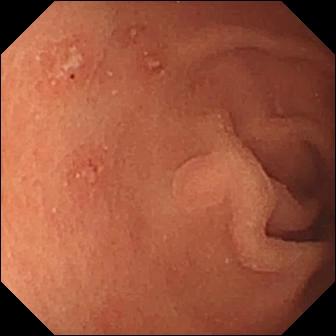Q: What does this VCE still show?
A: Erosion.